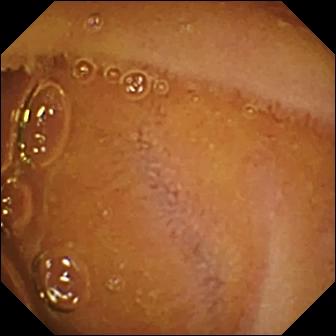Small-bowel capsule endoscopy. Small bowel. Luminal finding. Observation: normal clean mucosa.